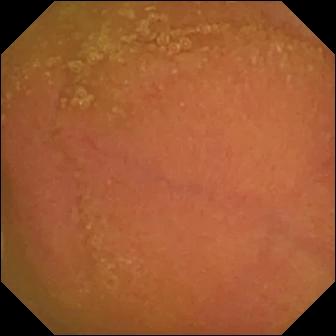modality: wireless capsule endoscopy
impression: normal clean mucosa